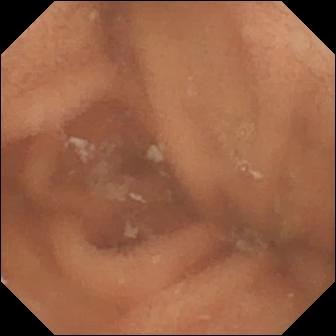Q: What does this WCE snapshot of the small intestine show?
A: Normal clean mucosa.